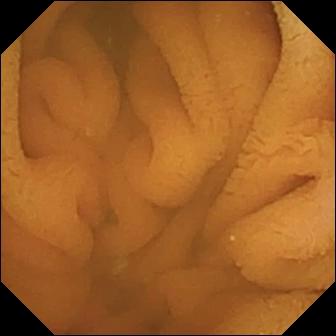WCE. Small bowel. Luminal finding. Finding: normal clean mucosa.